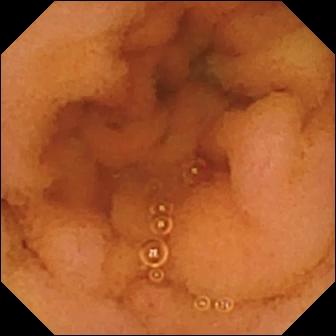Normal clean mucosa.